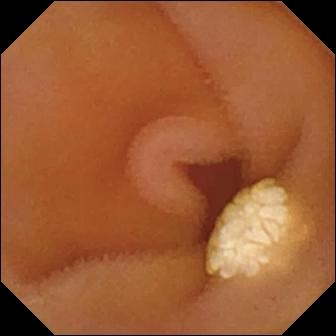Video capsule endoscopy snapshot, 336×336. Lymphangiectasia.